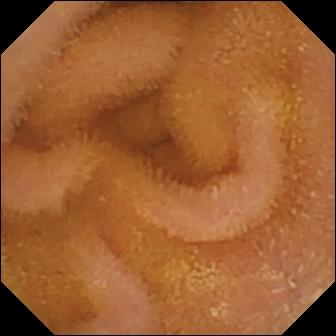Normal clean mucosa.